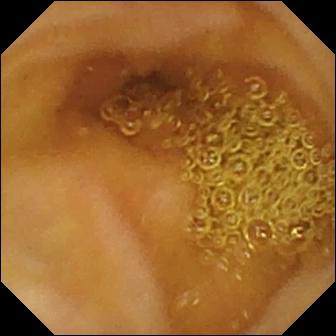WCE image
Video segment: ileo-cecal valve region